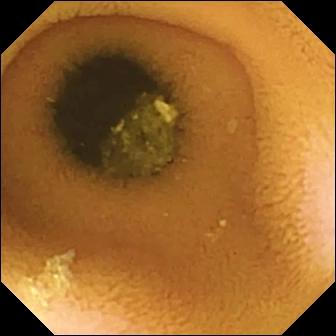Q: What does this VCE snapshot show?
A: Normal clean mucosa.